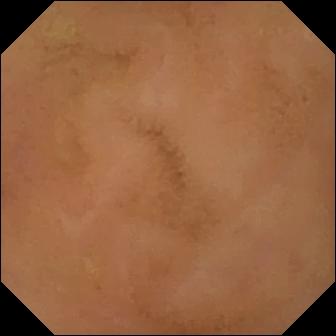PROCEDURE: Video capsule endoscopy.
SEGMENT: Small intestine.
FINDINGS: Normal clean mucosa.